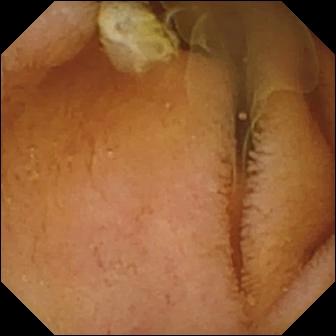Q: What does this wireless capsule endoscopy frame show?
A: Normal clean mucosa.